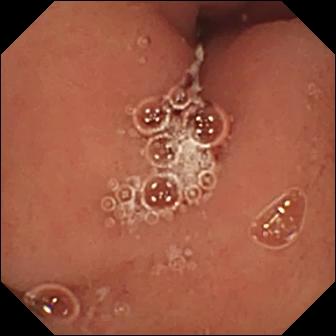Pylorus region (the junction between the stomach and the small bowel), 336×336.